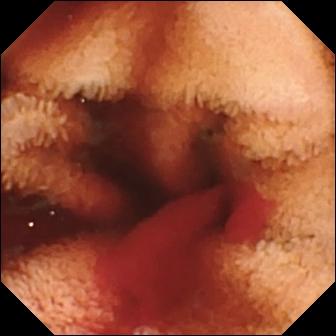VCE — fresh blood in the lumen.